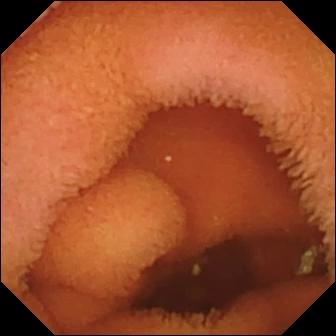Normal clean mucosa — small-bowel capsule endoscopy frame of the small intestine.